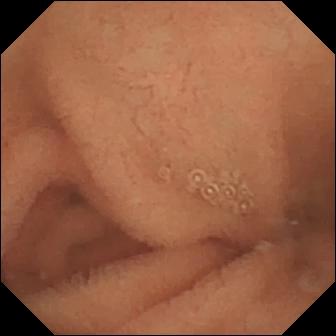Normal clean mucosa — WCE snapshot.